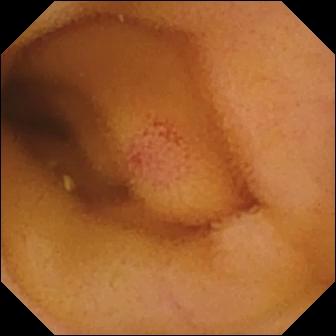{"modality": "wireless capsule endoscopy", "finding": "angiectasia"}